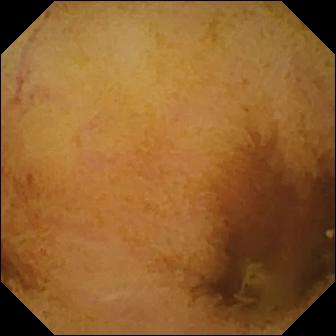VCE frame showing normal clean mucosa.